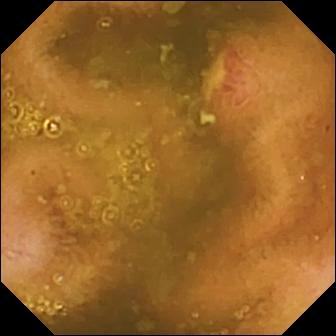modality: small-bowel capsule endoscopy
observation: ulcer